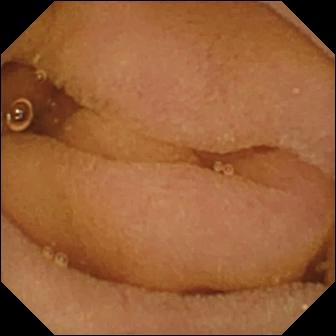Capsule endoscopy still
Finding: normal clean mucosa